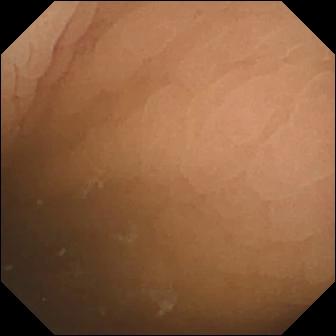Wireless capsule endoscopy frame
Location: pylorus region (the junction between the stomach and the small bowel)